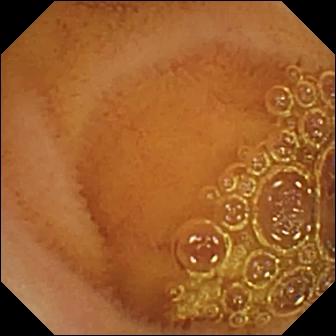{"modality": "capsule endoscopy", "segment": "small intestine", "finding": "normal clean mucosa"}